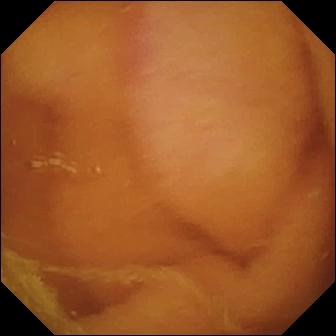- modality: wireless capsule endoscopy
- observation: normal clean mucosa